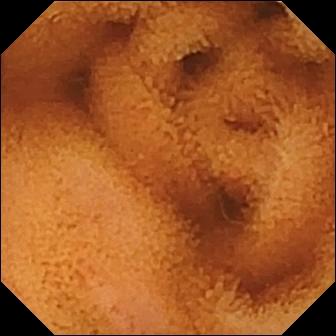modality: small-bowel capsule endoscopy
segment: small bowel
category: luminal finding
label: normal clean mucosa